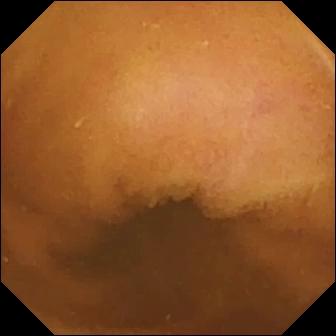Capsule endoscopy view
Impression: normal clean mucosa